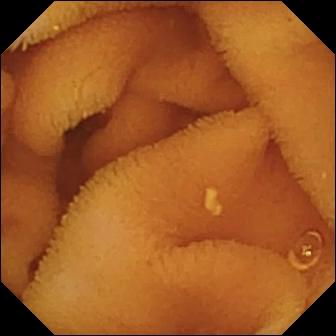Q: What does this WCE image show?
A: Normal clean mucosa.